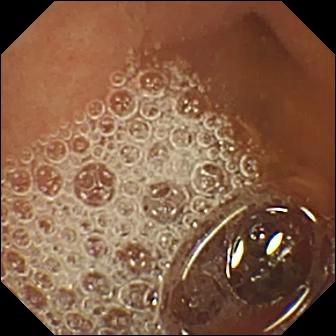Video capsule endoscopy view. Normal clean mucosa.